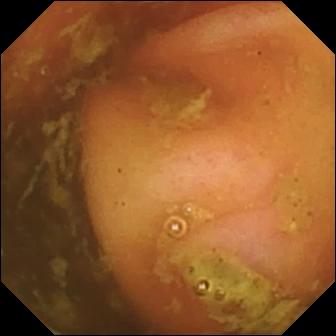WCE view taken in the ileo-cecal valve region (the transition from the small bowel to the large bowel).